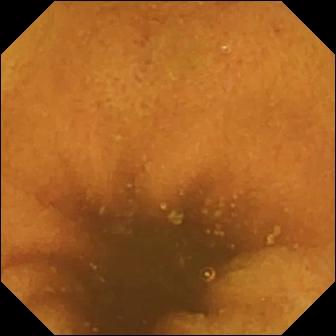Q: What does this WCE still of the small bowel show?
A: Normal clean mucosa.